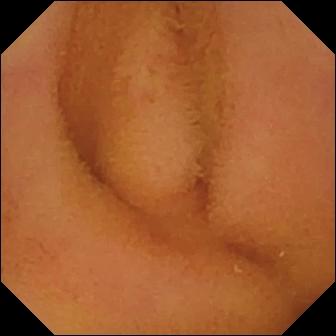Q: What does this small-bowel capsule endoscopy frame show?
A: Normal clean mucosa.